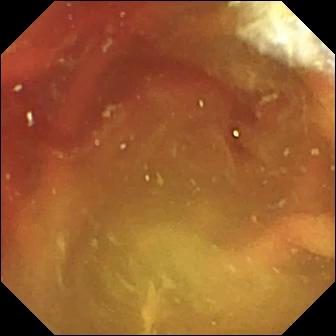modality: capsule endoscopy; label: fresh blood in the lumen